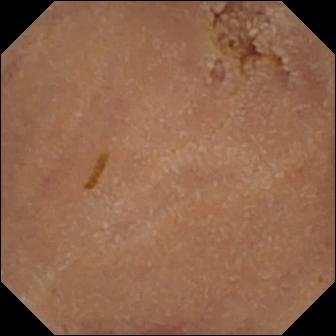This small-bowel capsule endoscopy frame of the small intestine shows normal clean mucosa.